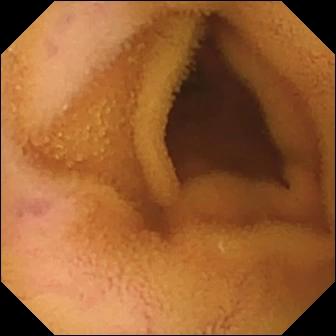modality: video capsule endoscopy | segment: small intestine | label: normal clean mucosa